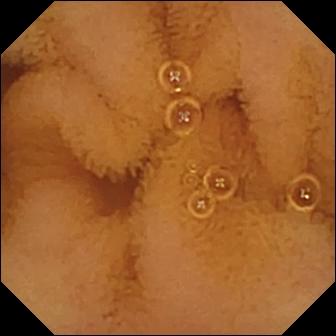VCE. Small bowel. Luminal finding. Label: normal clean mucosa.